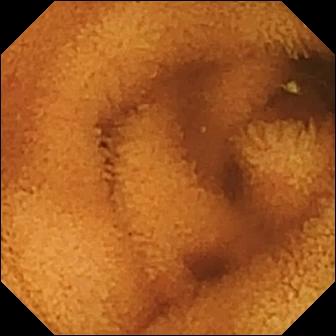modality: small-bowel capsule endoscopy
segment: small intestine
category: luminal finding
observation: normal clean mucosa